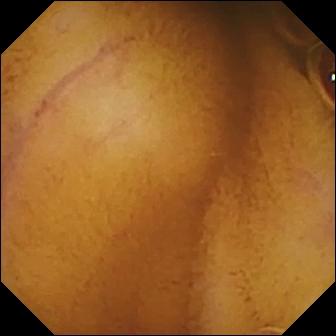- modality: VCE
- segment: small bowel
- category: luminal finding
- label: normal clean mucosa